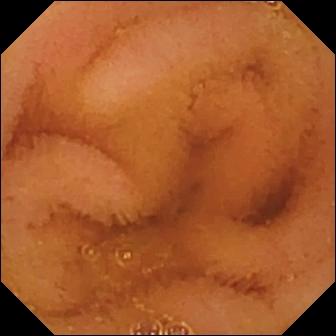Wireless capsule endoscopy still of the small bowel showing normal clean mucosa.